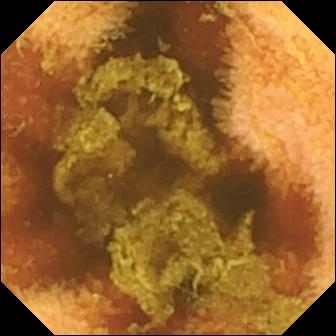Video capsule endoscopy still
Observation: normal clean mucosa